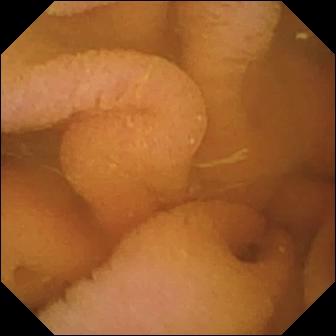Normal clean mucosa (336×336).